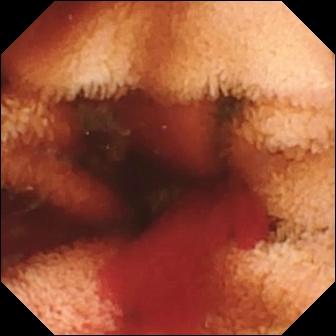modality: small-bowel capsule endoscopy; finding: fresh blood in the lumen